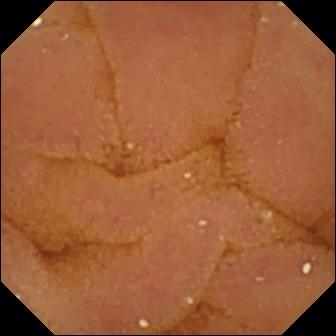Video capsule endoscopy still of the small intestine showing normal clean mucosa.